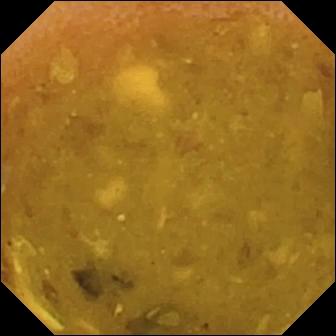- modality: wireless capsule endoscopy
- segment: small bowel
- label: reduced mucosal view (content or bubbles obscuring the mucosa)